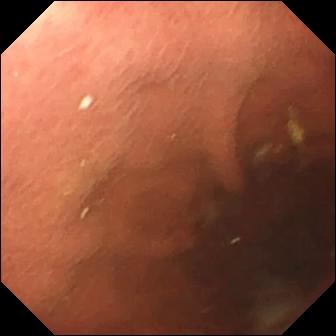PROCEDURE: Capsule endoscopy.
POSITION: Pylorus region (where the capsule passes from the stomach into the small bowel).